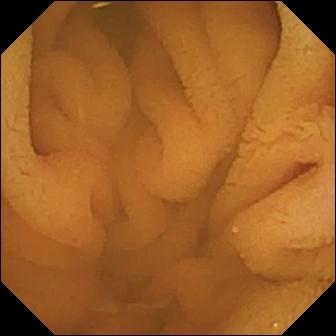Small-bowel capsule endoscopy view
Finding: normal clean mucosa